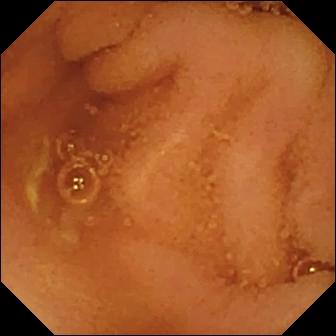{"modality": "capsule endoscopy", "segment": "small bowel", "finding": "normal clean mucosa"}